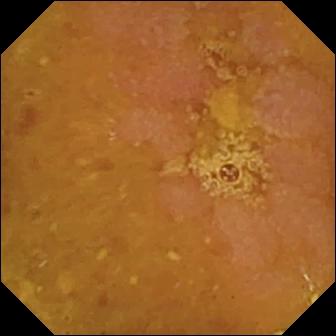This WCE snapshot shows reduced mucosal view (content or bubbles obscuring the mucosa).